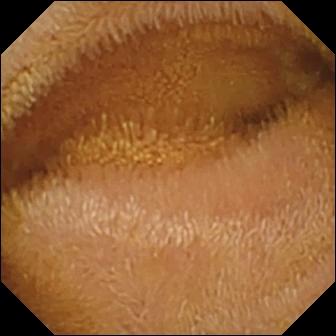modality: VCE
segment: small bowel
impression: normal clean mucosa